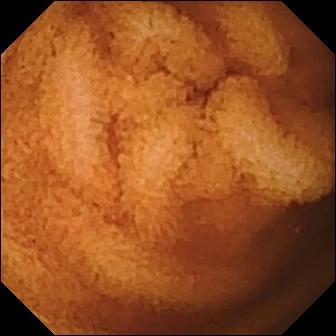Video capsule endoscopy image of the small intestine showing normal clean mucosa.